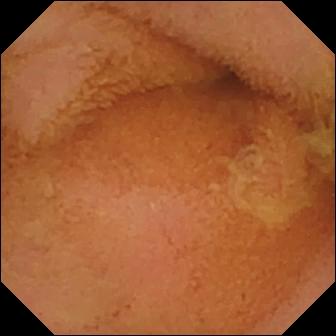Video capsule endoscopy — normal clean mucosa.